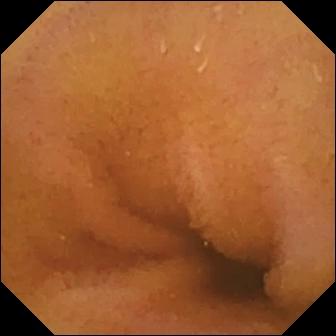This small-bowel capsule endoscopy frame shows normal clean mucosa.